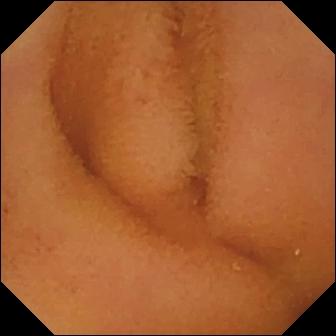Capsule endoscopy — normal clean mucosa.